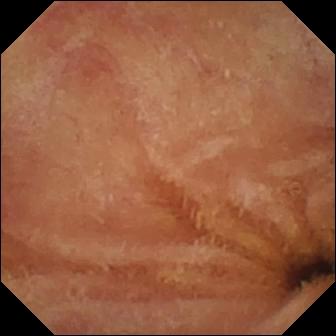{"modality": "capsule endoscopy", "segment": "small intestine", "category": "luminal finding", "finding": "normal clean mucosa"}